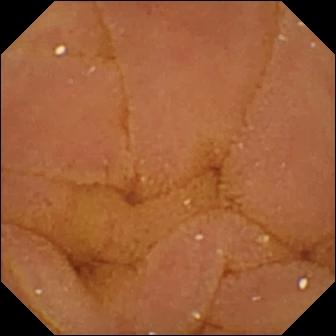VCE view showing normal clean mucosa.